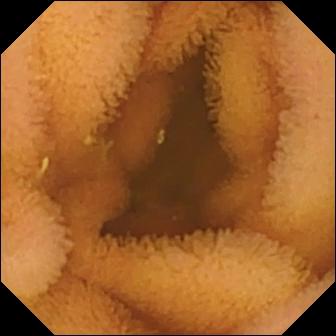WCE view
Observation: normal clean mucosa